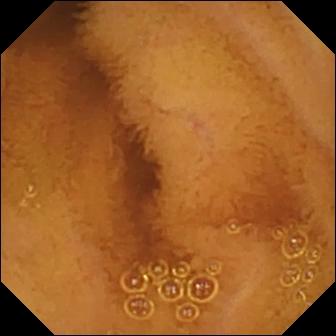Video capsule endoscopy view. Normal clean mucosa.